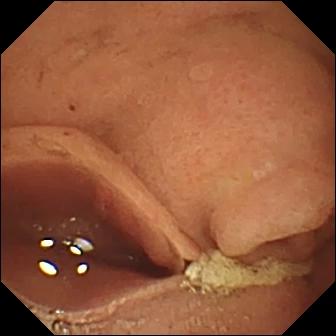Q: Where in the digestive tract was this small-bowel capsule endoscopy snapshot taken?
A: Pylorus region (the junction between the stomach and the small bowel).